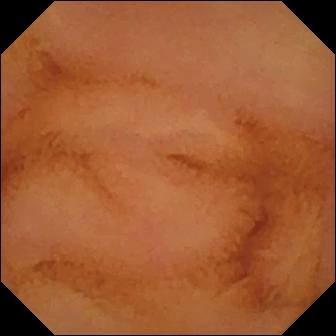This video capsule endoscopy still of the small intestine shows normal clean mucosa.